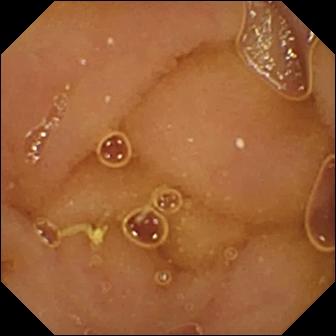Normal clean mucosa (336×336).